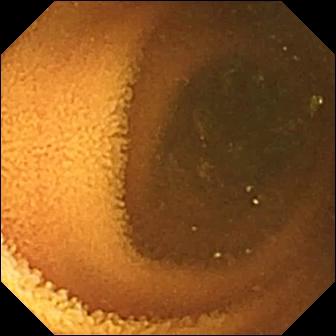This VCE frame shows normal clean mucosa.